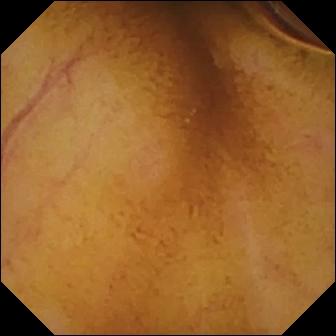PROCEDURE: VCE.
FINDINGS: Normal clean mucosa.